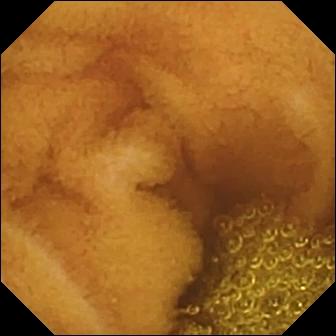Wireless capsule endoscopy — normal clean mucosa.